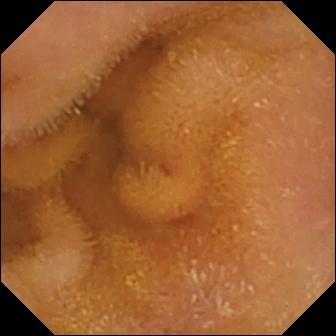Normal clean mucosa.